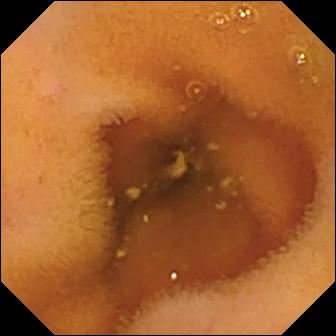Capsule endoscopy image showing normal clean mucosa.